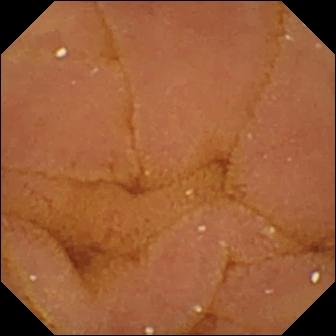PROCEDURE: Video capsule endoscopy.
FINDINGS: Normal clean mucosa.